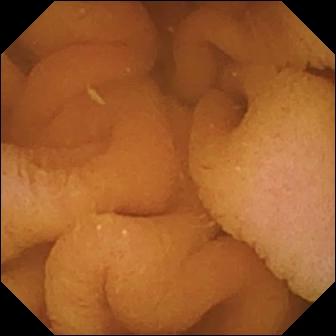modality: video capsule endoscopy
segment: small bowel
label: normal clean mucosa